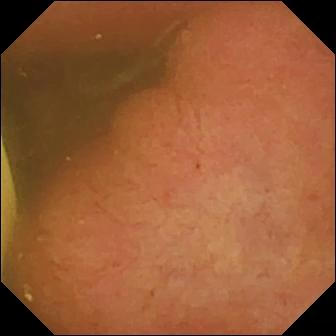Capsule endoscopy still showing foreign body (e.g. retained capsule, tablet residue).